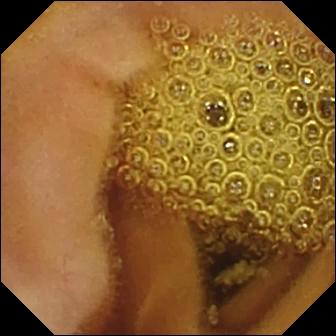modality: wireless capsule endoscopy
segment: small bowel
category: luminal finding
finding: normal clean mucosa